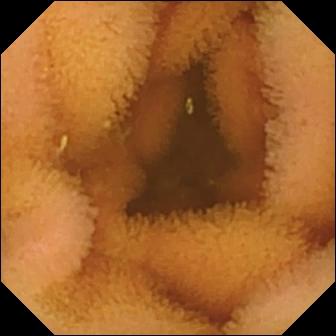Wireless capsule endoscopy view, 336×336. Normal clean mucosa.